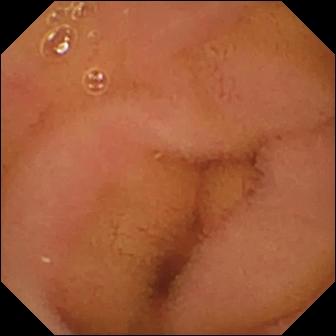Normal clean mucosa.